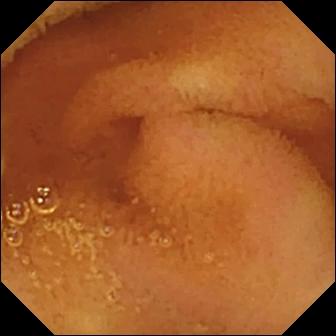Small-bowel capsule endoscopy view. Normal clean mucosa.